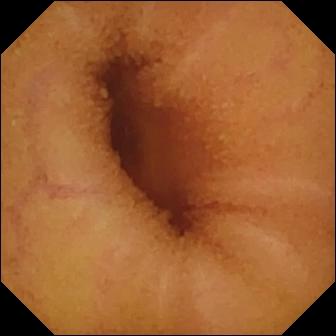Capsule endoscopy. Small intestine. Label: normal clean mucosa.